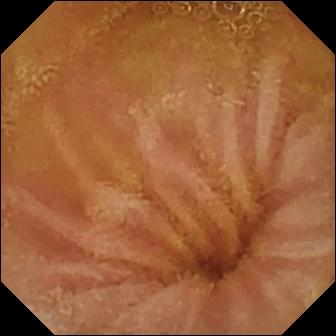Small-bowel capsule endoscopy frame showing normal clean mucosa.